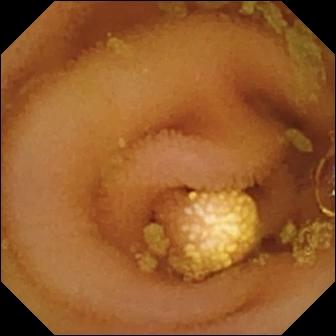{"modality": "small-bowel capsule endoscopy", "category": "luminal finding", "finding": "lymphangiectasia"}